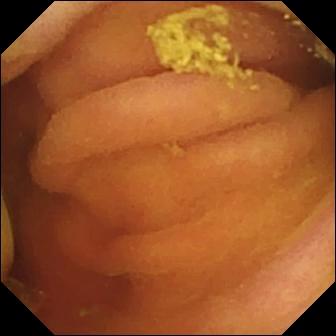Q: What does this WCE view show?
A: Foreign body (e.g. retained capsule, tablet residue).